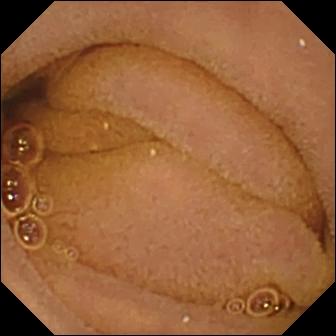VCE frame showing normal clean mucosa.